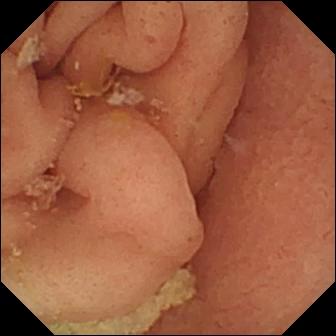Wireless capsule endoscopy snapshot, 336×336. Taken in the pylorus region (the junction between the stomach and the small bowel).